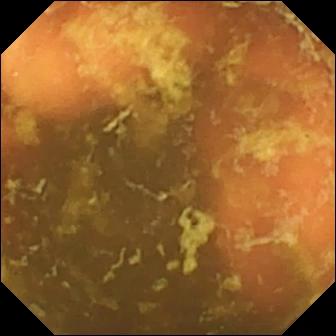Video capsule endoscopy image
Position: ileo-cecal valve region (where the capsule passes from the small bowel into the large bowel)